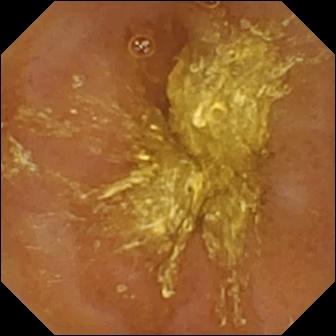Video capsule endoscopy image showing reduced mucosal view (content or bubbles obscuring the mucosa).